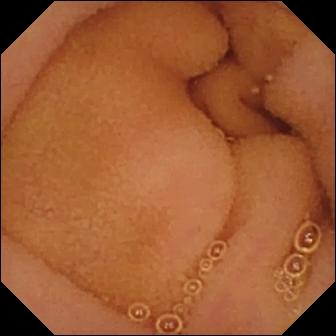{"modality": "wireless capsule endoscopy", "segment": "small bowel", "finding": "normal clean mucosa"}